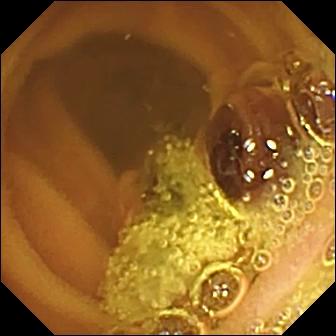modality: VCE; finding: normal clean mucosa